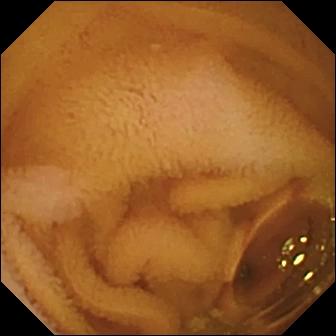Normal clean mucosa — VCE image.